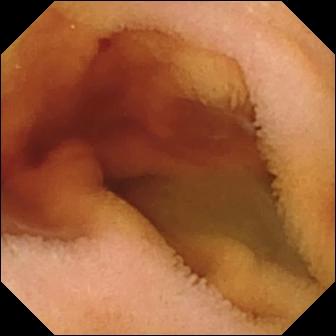modality: VCE
observation: fresh blood in the lumen